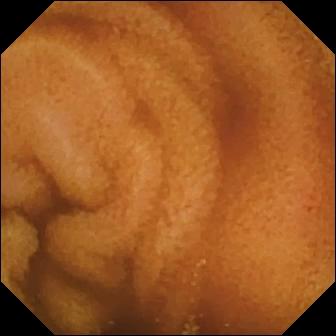This VCE still of the small intestine shows normal clean mucosa.